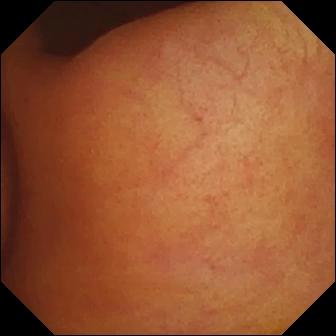WCE — foreign body (e.g. retained capsule, tablet residue).